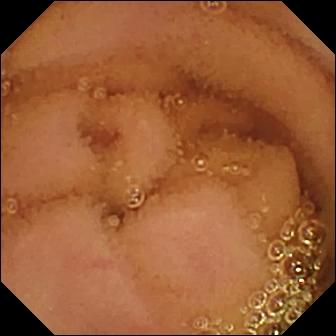VCE snapshot showing normal clean mucosa.